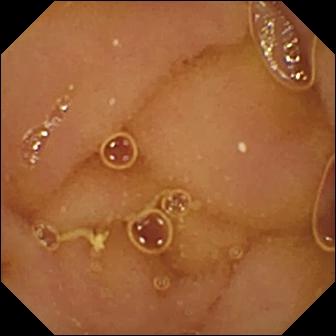This WCE still shows normal clean mucosa.